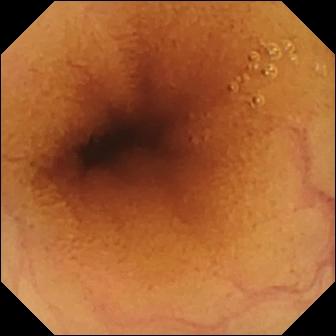WCE still showing normal clean mucosa.